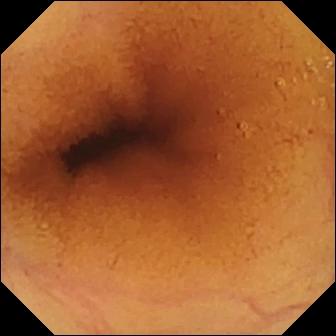Normal clean mucosa — small-bowel capsule endoscopy still of the small bowel.